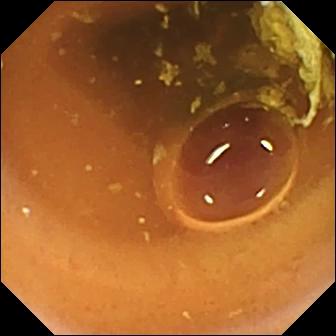VCE still showing normal clean mucosa.